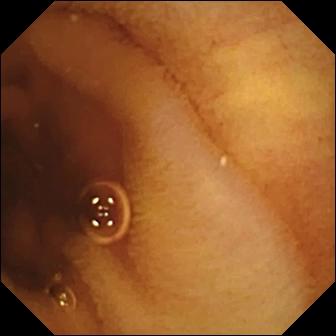modality: small-bowel capsule endoscopy | segment: small bowel | finding: normal clean mucosa